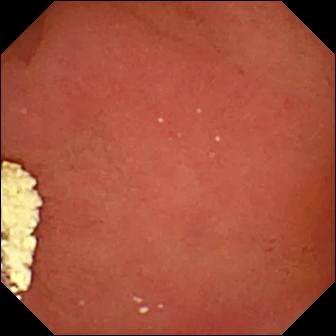VCE. Video segment: pylorus region.